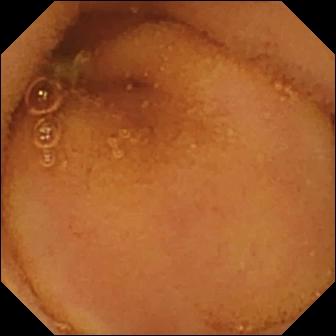Q: What does this wireless capsule endoscopy still of the small intestine show?
A: Normal clean mucosa.